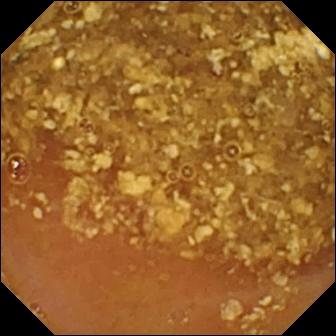Video capsule endoscopy frame showing reduced mucosal view (content or bubbles obscuring the mucosa).